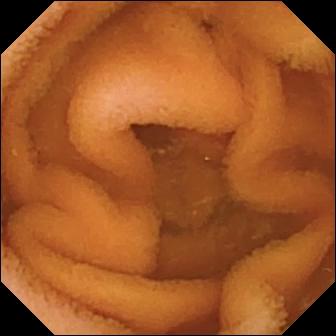Small-bowel capsule endoscopy still showing normal clean mucosa.